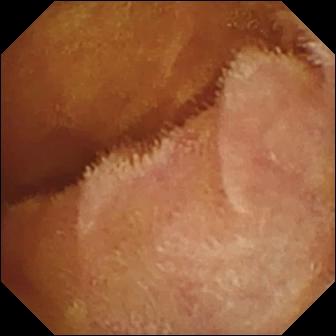Wireless capsule endoscopy. Small bowel. Luminal finding. Label: normal clean mucosa.